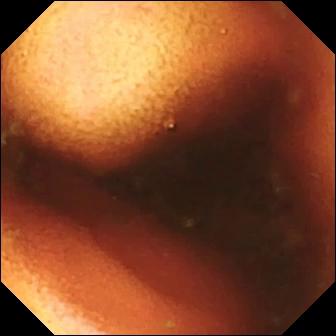PROCEDURE: Wireless capsule endoscopy.
POSITION: Ileo-cecal valve region.